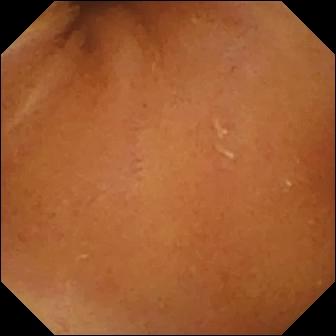This wireless capsule endoscopy image shows normal clean mucosa.